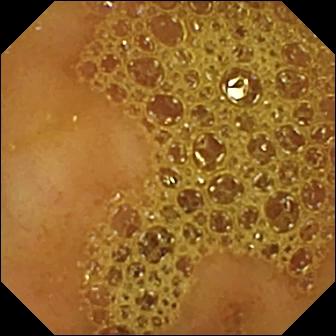Q: Where in the digestive tract was this small-bowel capsule endoscopy snapshot taken?
A: Ileo-cecal valve region (the transition from the small bowel to the large bowel).